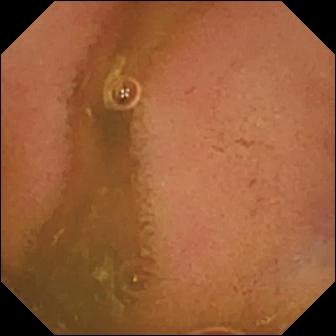WCE — normal clean mucosa.